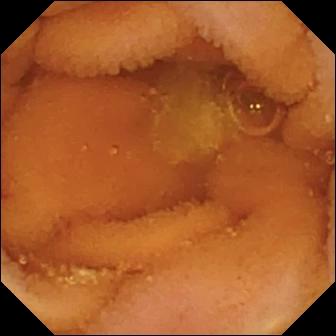PROCEDURE: VCE.
SEGMENT: Small intestine.
FINDINGS: Normal clean mucosa.